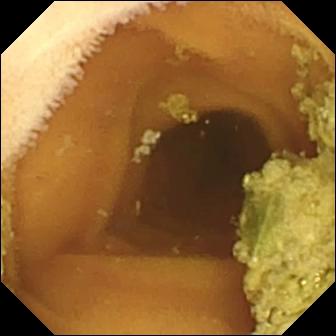- modality: WCE
- segment: small bowel
- finding: normal clean mucosa